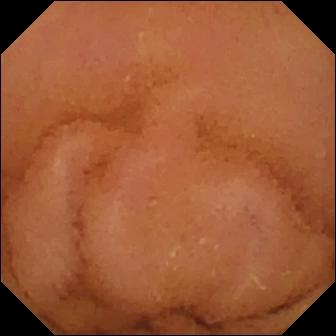- modality: small-bowel capsule endoscopy
- category: luminal finding
- observation: normal clean mucosa